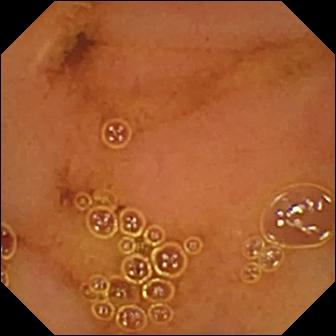Wireless capsule endoscopy snapshot, small intestine
Label: normal clean mucosa